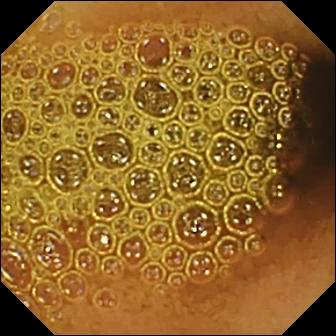{"modality": "WCE", "finding": "reduced mucosal view (content or bubbles obscuring the mucosa)"}